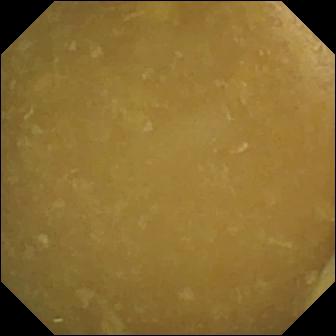- modality: VCE
- video segment: ileo-cecal valve region (the transition from the small bowel to the large bowel)